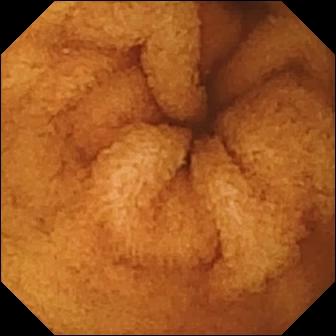Small-bowel capsule endoscopy frame, small intestine
Label: normal clean mucosa